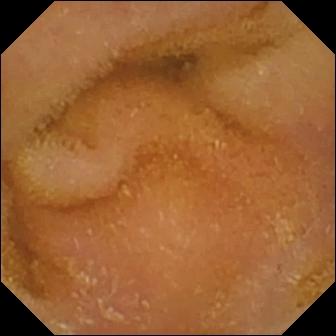Capsule endoscopy image, 336×336. Normal clean mucosa.